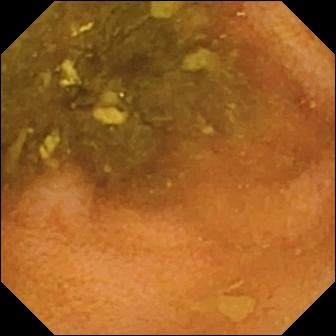- modality: WCE
- segment: small bowel
- category: luminal finding
- observation: normal clean mucosa